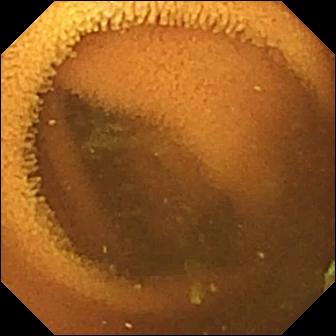This VCE still shows normal clean mucosa.